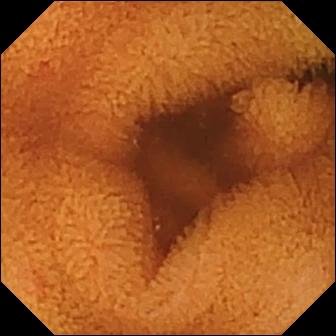Capsule endoscopy image of the small intestine showing normal clean mucosa.